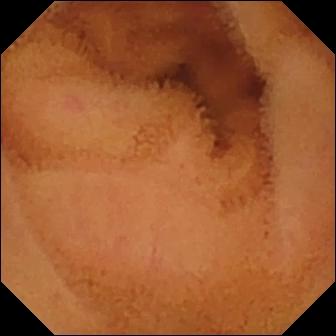VCE snapshot showing normal clean mucosa.